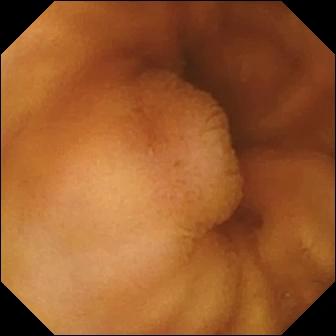Normal clean mucosa.